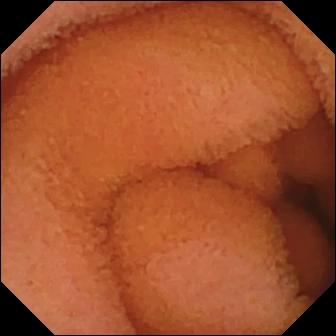Video capsule endoscopy image
Finding: normal clean mucosa